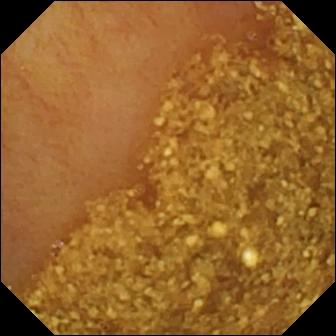PROCEDURE: VCE.
LABEL: Ileo-cecal valve region (where the capsule passes from the small bowel into the large bowel).